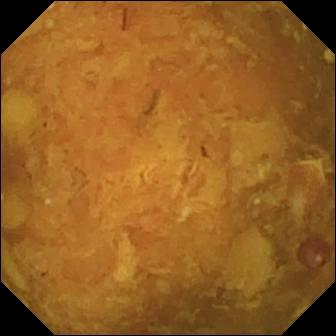Q: What does this video capsule endoscopy snapshot of the small intestine show?
A: Reduced mucosal view (content or bubbles obscuring the mucosa).